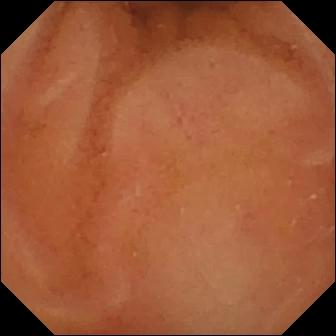Normal clean mucosa (336×336).